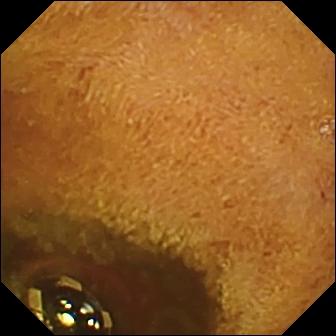This video capsule endoscopy snapshot shows foreign body (e.g. retained capsule, tablet residue).